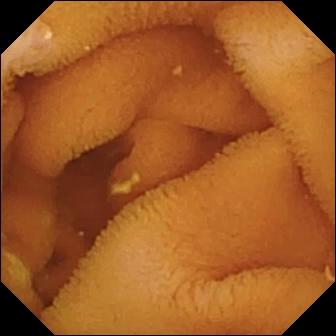{"modality": "VCE", "finding": "normal clean mucosa"}